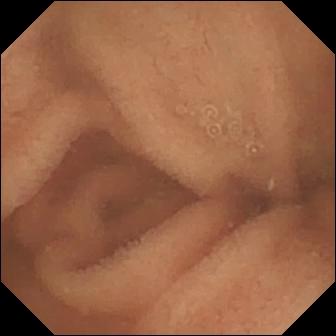modality: wireless capsule endoscopy | segment: small intestine | finding: normal clean mucosa